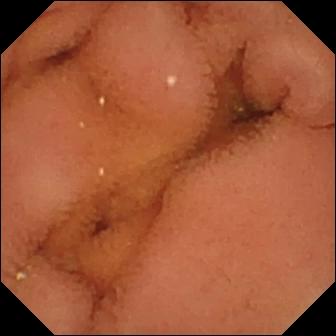This VCE frame of the small intestine shows normal clean mucosa.